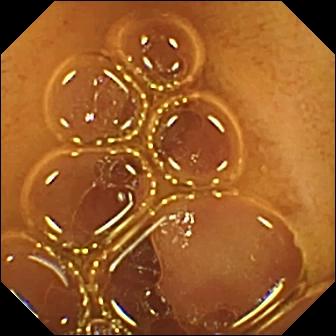{"modality": "small-bowel capsule endoscopy", "segment": "small intestine", "category": "luminal finding", "finding": "normal clean mucosa"}